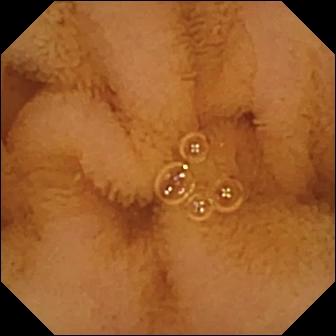Video capsule endoscopy — normal clean mucosa.